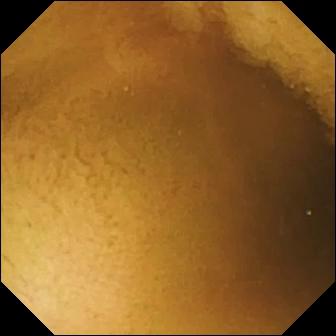WCE frame, small bowel
Finding: normal clean mucosa